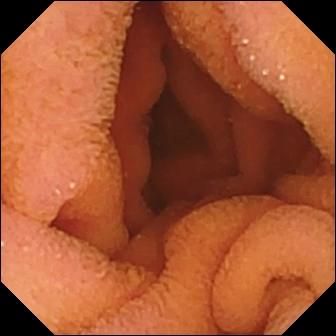Wireless capsule endoscopy. Small intestine. Label: normal clean mucosa.